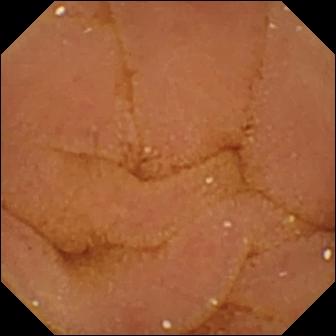PROCEDURE: VCE.
SEGMENT: Small bowel.
FINDINGS: Normal clean mucosa.